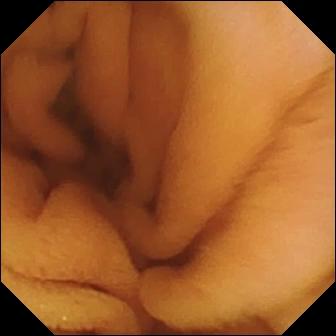Small-bowel capsule endoscopy view showing normal clean mucosa.